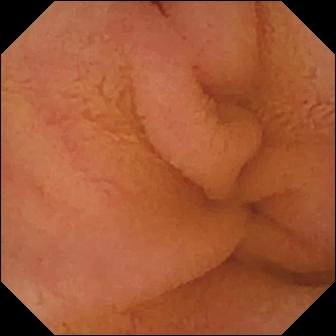Normal clean mucosa (336×336).